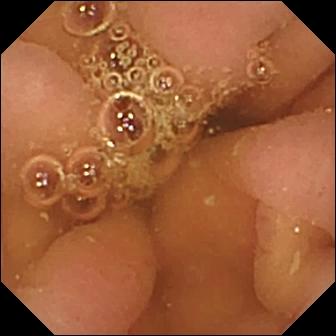PROCEDURE: WCE.
LOCATION: Pylorus region (where the capsule passes from the stomach into the small bowel).